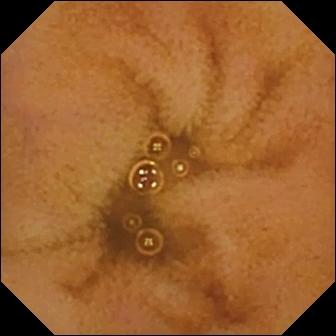modality: video capsule endoscopy; label: normal clean mucosa